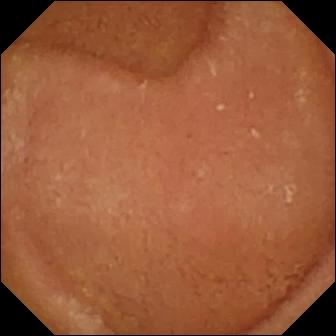Small-bowel capsule endoscopy view, small intestine
Finding: normal clean mucosa